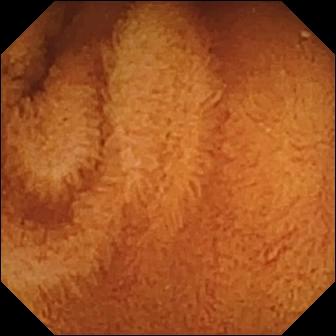Normal clean mucosa — video capsule endoscopy image.